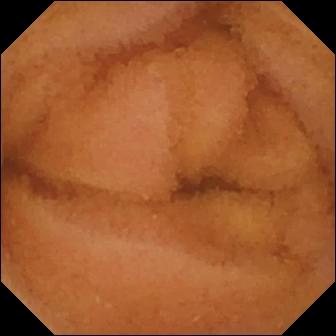Q: What does this capsule endoscopy snapshot of the small intestine show?
A: Normal clean mucosa.